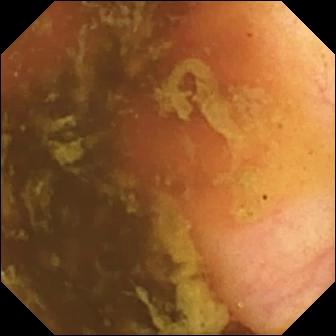Capsule endoscopy — ileo-cecal valve region.